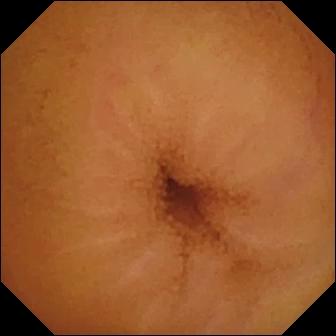PROCEDURE: Small-bowel capsule endoscopy.
FINDINGS: Normal clean mucosa.